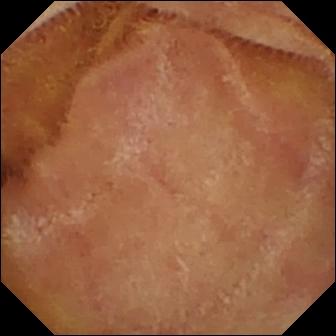Small-bowel capsule endoscopy frame of the small intestine showing normal clean mucosa.